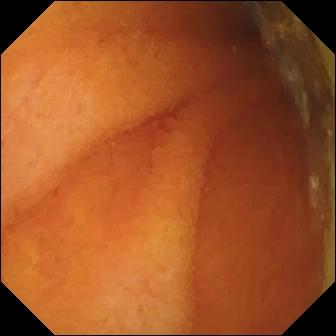Normal clean mucosa — VCE view.